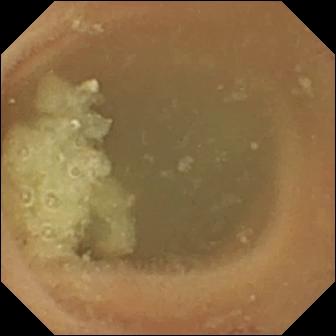Q: What does this video capsule endoscopy view of the small intestine show?
A: Normal clean mucosa.